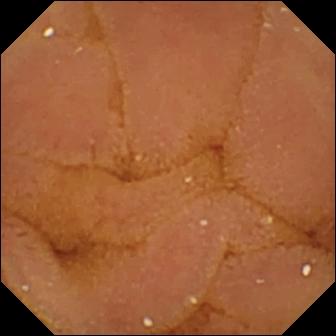{"modality": "WCE", "segment": "small bowel", "finding": "normal clean mucosa"}